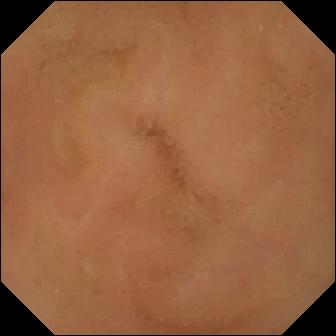- modality: wireless capsule endoscopy
- segment: small bowel
- impression: normal clean mucosa